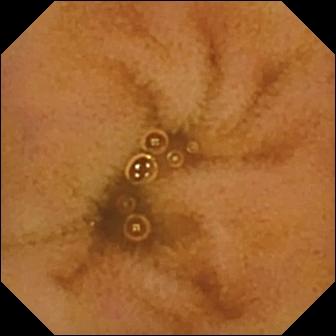Q: What does this WCE snapshot of the small intestine show?
A: Normal clean mucosa.